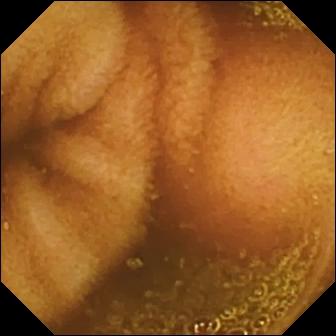Normal clean mucosa — wireless capsule endoscopy frame.